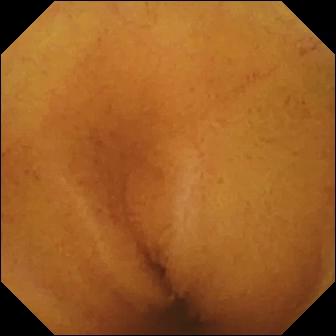- modality: VCE
- finding: normal clean mucosa